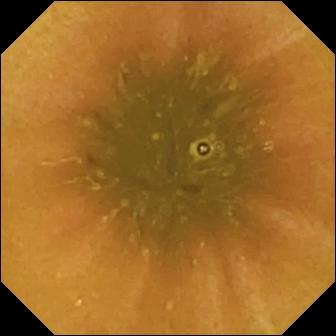Ileo-cecal valve region — capsule endoscopy snapshot.